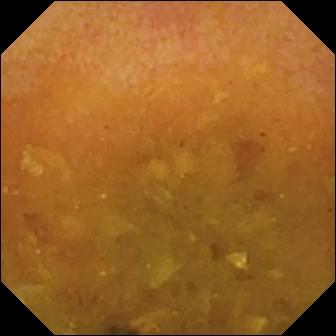This WCE image of the small intestine shows reduced mucosal view (content or bubbles obscuring the mucosa).